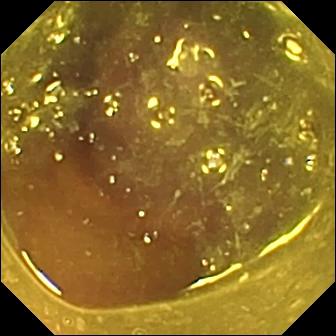Q: What does this wireless capsule endoscopy frame show?
A: Reduced mucosal view (content or bubbles obscuring the mucosa).